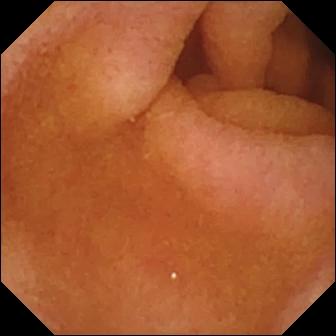Wireless capsule endoscopy view. Taken in the pylorus region (where the capsule passes from the stomach into the small bowel).